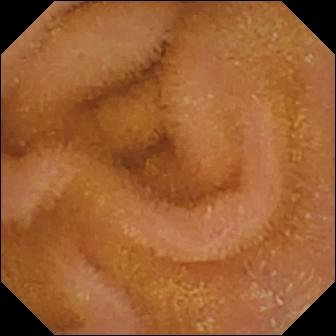Normal clean mucosa.